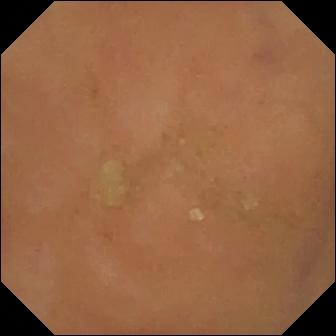Normal clean mucosa — video capsule endoscopy view.